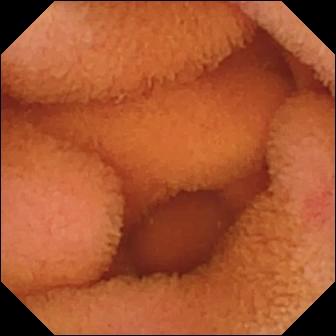Normal clean mucosa.